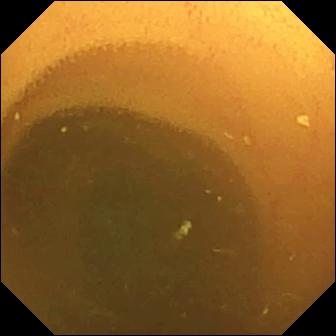Small-bowel capsule endoscopy — normal clean mucosa.